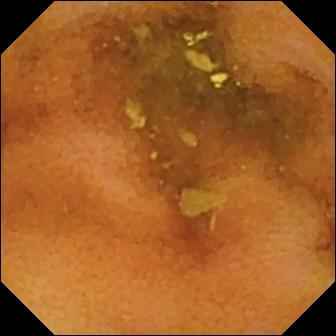WCE image. Normal clean mucosa.